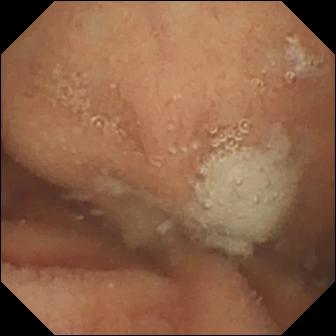VCE frame showing normal clean mucosa.